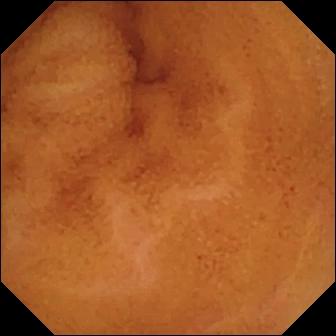{"modality": "WCE", "segment": "small bowel", "finding": "normal clean mucosa"}